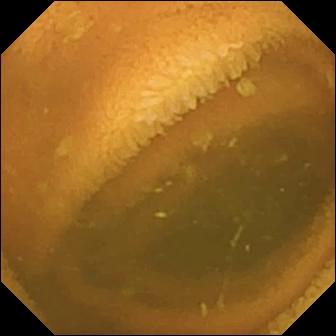PROCEDURE: Capsule endoscopy.
SEGMENT: Small bowel.
FINDINGS: Normal clean mucosa.